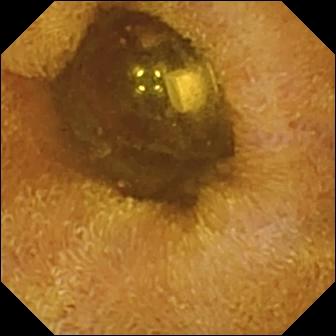PROCEDURE: Video capsule endoscopy.
FINDINGS: Foreign body (e.g. retained capsule, tablet residue).